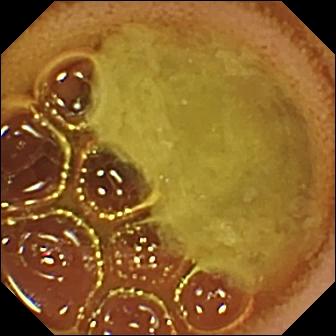VCE view (small bowel), 336×336. Normal clean mucosa.